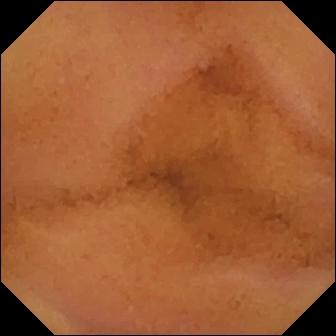- modality: video capsule endoscopy
- segment: small bowel
- finding: normal clean mucosa